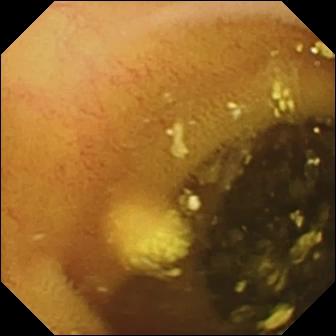Lymphangiectasia — small-bowel capsule endoscopy still.